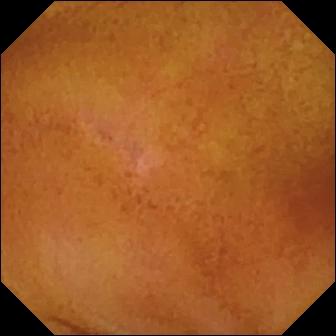modality: wireless capsule endoscopy; observation: normal clean mucosa